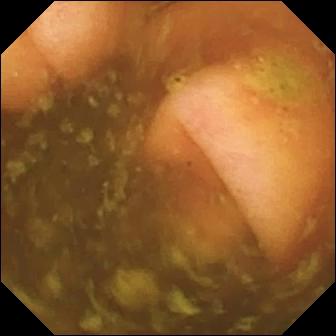WCE snapshot. Taken in the ileo-cecal valve region.